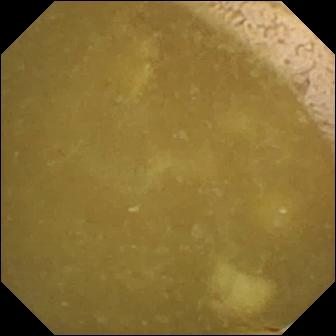VCE frame. Taken in the ileo-cecal valve region (the transition from the small bowel to the large bowel).